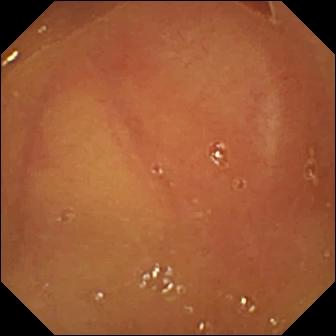PROCEDURE: Video capsule endoscopy.
FINDINGS: Normal clean mucosa.